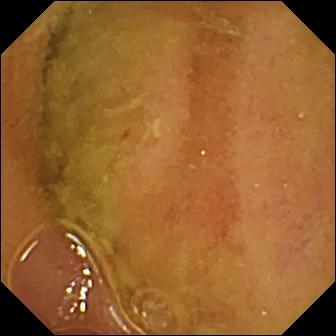This video capsule endoscopy still of the small intestine shows normal clean mucosa.